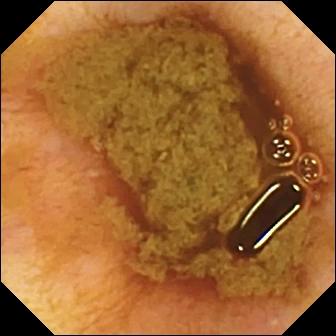VCE — ileo-cecal valve region.